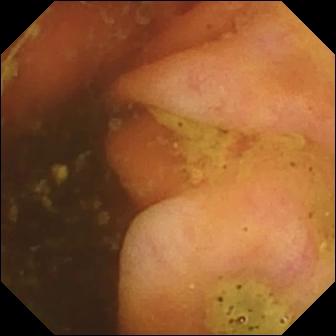Capsule endoscopy. Label: ileo-cecal valve region.